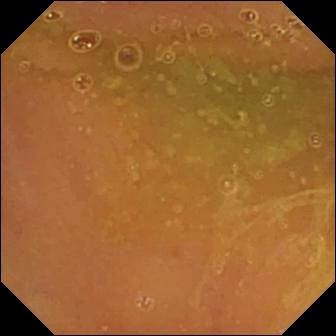Normal clean mucosa — small-bowel capsule endoscopy view.